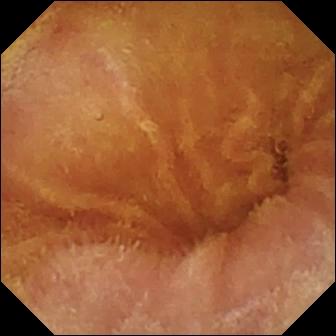Wireless capsule endoscopy snapshot
Label: normal clean mucosa